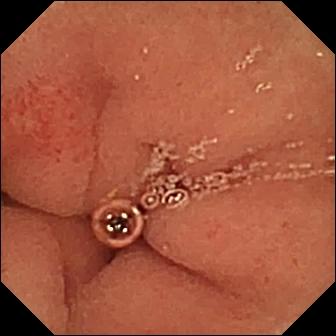Q: What does this small-bowel capsule endoscopy view show?
A: Erosion.